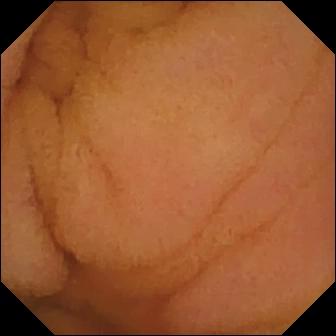Small-bowel capsule endoscopy — normal clean mucosa.